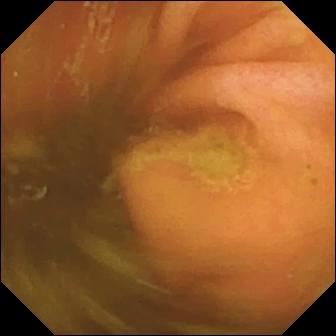WCE view. Taken in the ileo-cecal valve region.